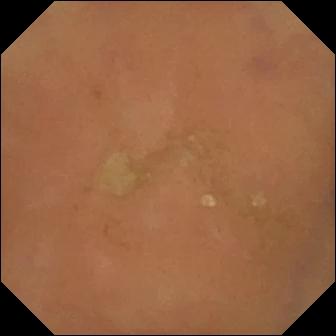PROCEDURE: Capsule endoscopy.
SEGMENT: Small intestine.
FINDINGS: Normal clean mucosa.